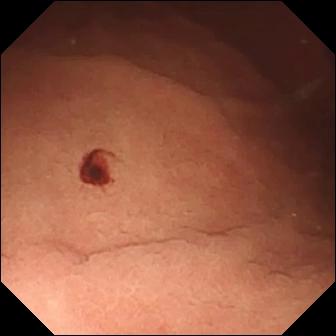Capsule endoscopy still
Observation: angiectasia